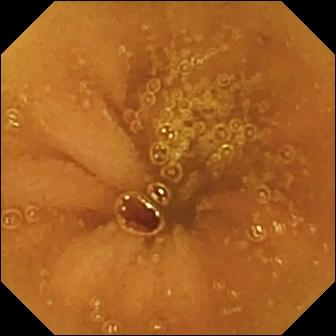{"modality": "video capsule endoscopy", "segment": "small bowel", "finding": "normal clean mucosa"}